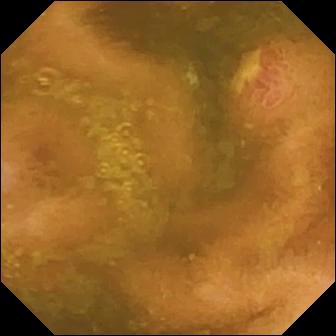Q: What does this WCE image show?
A: Ulcer.